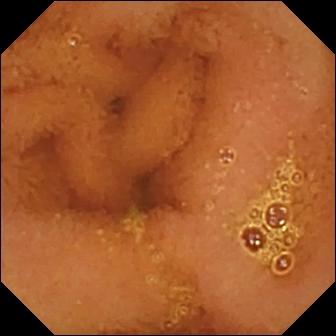Capsule endoscopy view, 336×336. Normal clean mucosa.